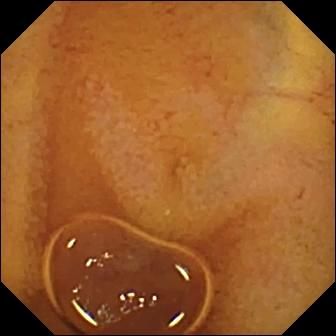Wireless capsule endoscopy. Small bowel. Label: normal clean mucosa.